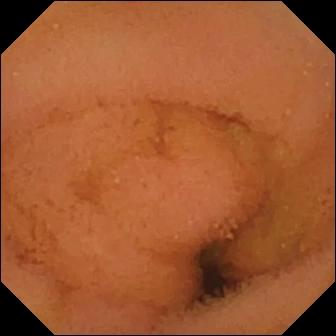{"modality": "VCE", "segment": "small bowel", "finding": "normal clean mucosa"}